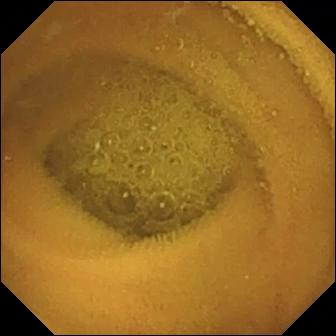Normal clean mucosa — VCE view of the small bowel.